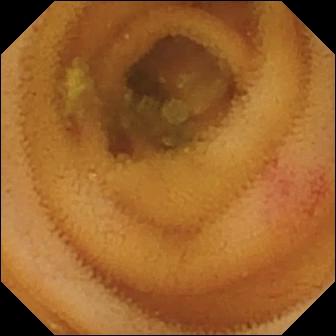WCE view showing angiectasia.